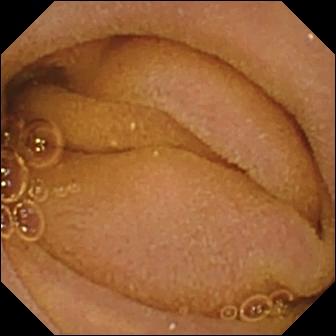PROCEDURE: VCE.
SEGMENT: Small intestine.
FINDINGS: Normal clean mucosa.